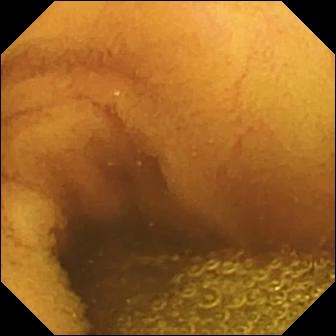Normal clean mucosa — wireless capsule endoscopy still of the small bowel.